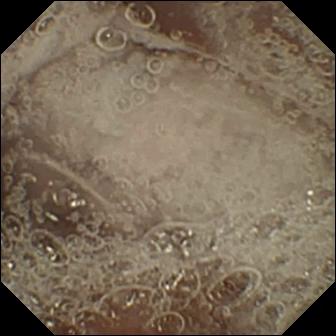WCE still
Video segment: pylorus region (where the capsule passes from the stomach into the small bowel)